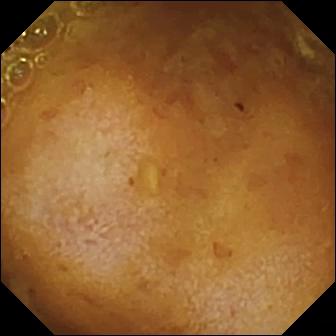Capsule endoscopy — reduced mucosal view (content or bubbles obscuring the mucosa).